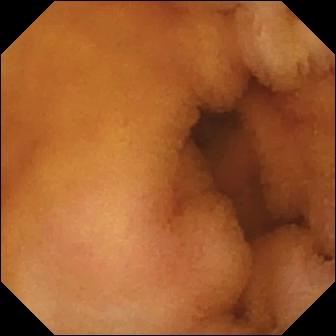Video capsule endoscopy. Small bowel. Observation: normal clean mucosa.